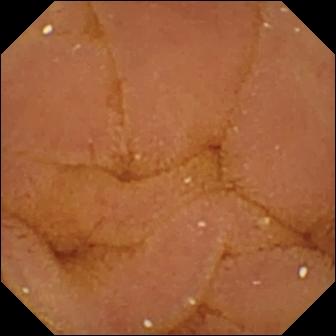Video capsule endoscopy — normal clean mucosa.